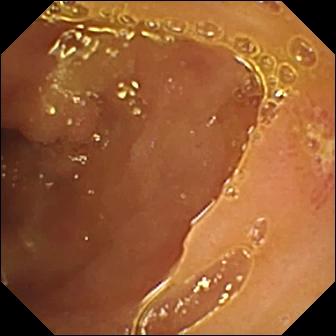- modality: small-bowel capsule endoscopy
- category: luminal finding
- observation: ulcer